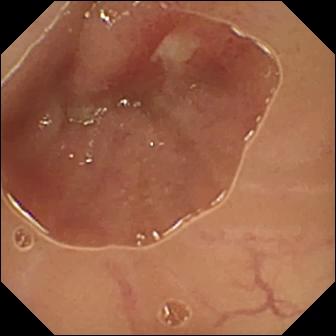PROCEDURE: Small-bowel capsule endoscopy.
FINDINGS: Ulcer.